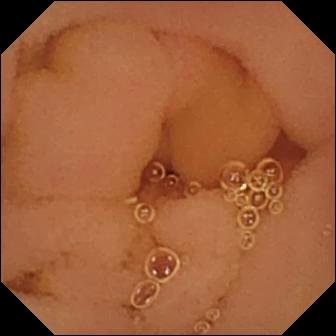Normal clean mucosa — wireless capsule endoscopy still.